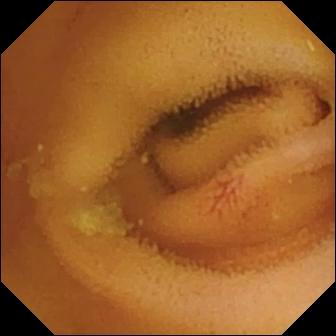WCE. Observation: angiectasia.